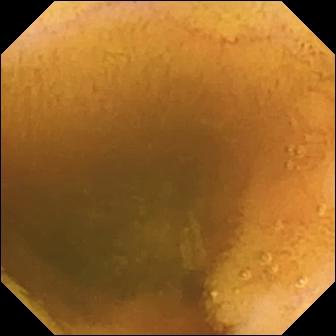This wireless capsule endoscopy snapshot shows normal clean mucosa.